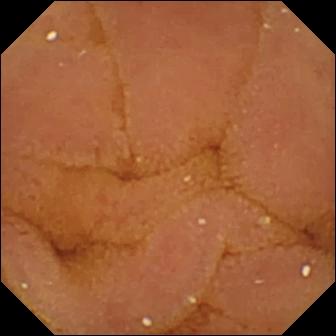Normal clean mucosa — small-bowel capsule endoscopy view.